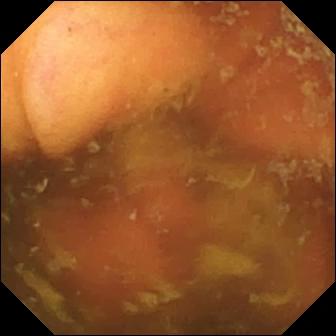{"modality": "wireless capsule endoscopy", "category": "anatomical landmark", "video_segment": "ileo-cecal valve region (where the capsule passes from the small bowel into the large bowel)"}